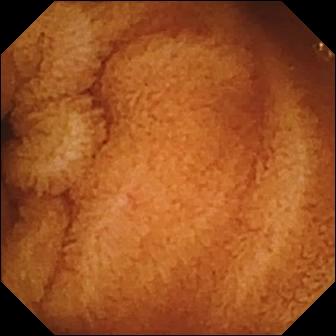Normal clean mucosa — video capsule endoscopy image.